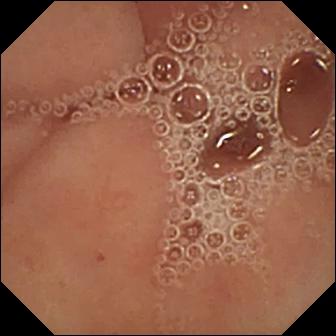Small-bowel capsule endoscopy. Position: pylorus region (where the capsule passes from the stomach into the small bowel).